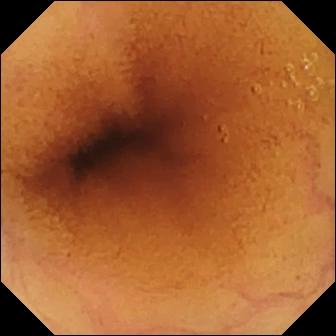Capsule endoscopy still. Normal clean mucosa.